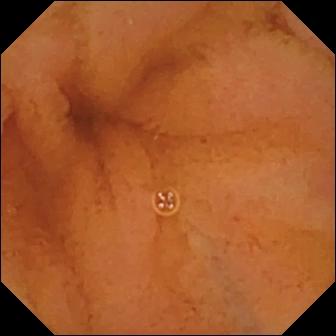VCE still showing normal clean mucosa.